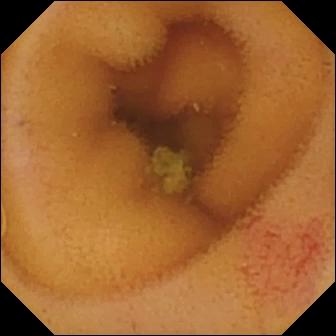Video capsule endoscopy image. Angiectasia.